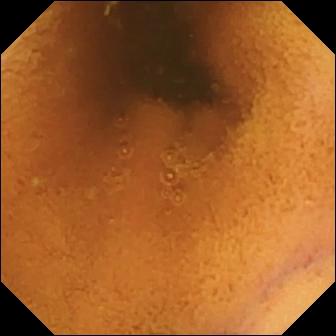Wireless capsule endoscopy frame
Impression: normal clean mucosa